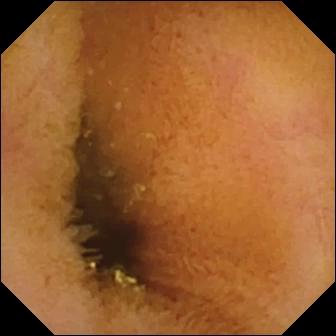Normal clean mucosa — wireless capsule endoscopy snapshot.